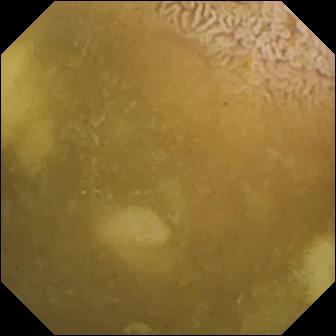Capsule endoscopy still. Taken in the ileo-cecal valve region.